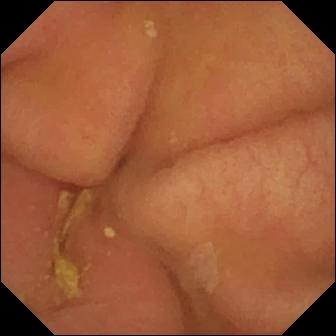{"modality": "small-bowel capsule endoscopy", "category": "anatomical landmark", "position": "pylorus region (where the capsule passes from the stomach into the small bowel)"}